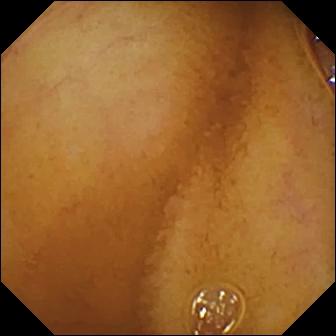Video capsule endoscopy. Small bowel. Impression: normal clean mucosa.